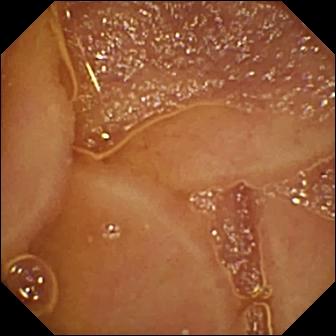PROCEDURE: VCE.
SEGMENT: Small intestine.
FINDINGS: Normal clean mucosa.